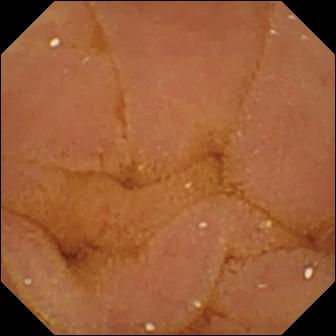Small-bowel capsule endoscopy frame of the small bowel showing normal clean mucosa.